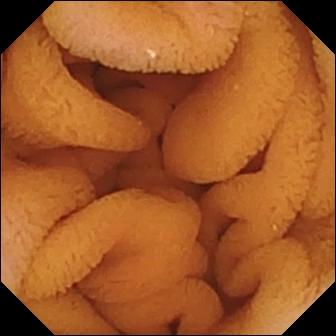{"modality": "VCE", "finding": "normal clean mucosa"}